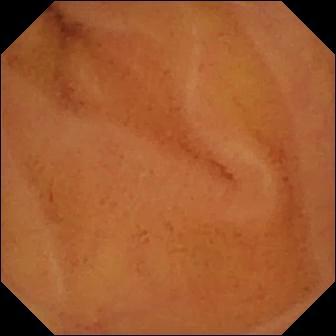Wireless capsule endoscopy — normal clean mucosa.